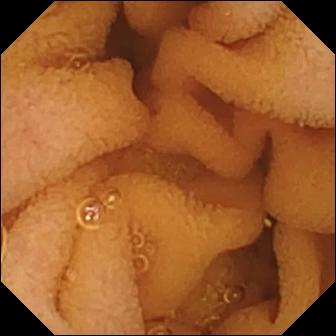Small-bowel capsule endoscopy snapshot (small bowel). Normal clean mucosa.